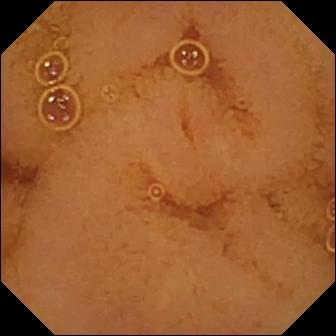- modality: video capsule endoscopy
- finding: normal clean mucosa